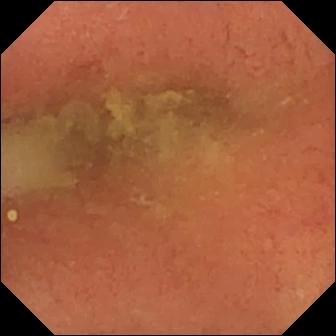Q: Where in the digestive tract was this WCE frame taken?
A: Pylorus region.